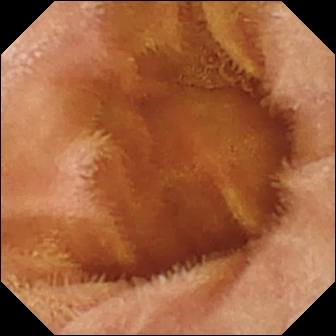This capsule endoscopy still shows normal clean mucosa.